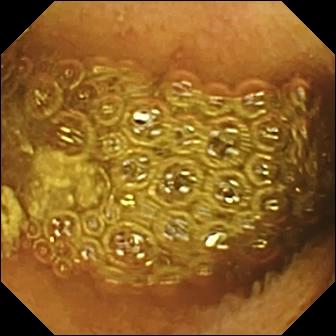Q: What does this wireless capsule endoscopy image show?
A: Reduced mucosal view (content or bubbles obscuring the mucosa).